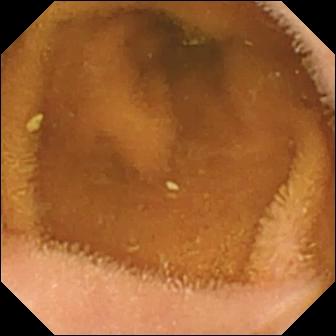Capsule endoscopy view showing normal clean mucosa.